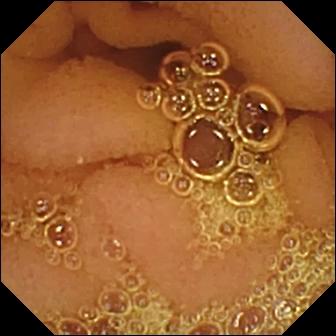Normal clean mucosa.